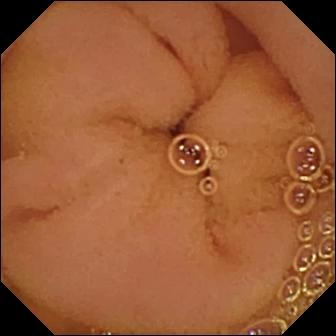Video capsule endoscopy still (small bowel). Normal clean mucosa.